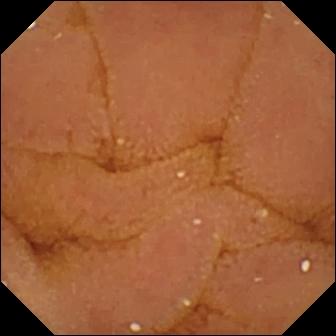- modality: small-bowel capsule endoscopy
- segment: small bowel
- finding: normal clean mucosa